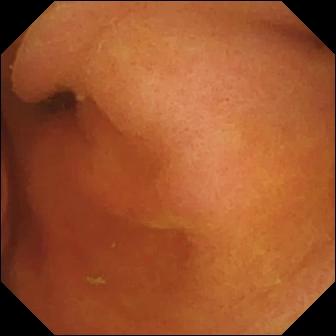- modality: small-bowel capsule endoscopy
- observation: foreign body (e.g. retained capsule, tablet residue)